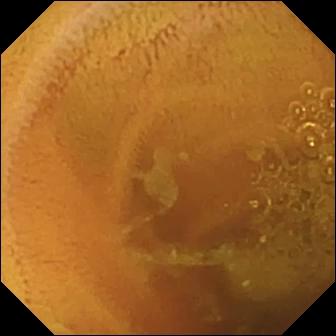{"modality": "small-bowel capsule endoscopy", "finding": "normal clean mucosa"}